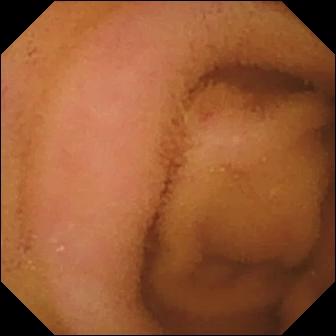{"modality": "small-bowel capsule endoscopy", "finding": "normal clean mucosa"}